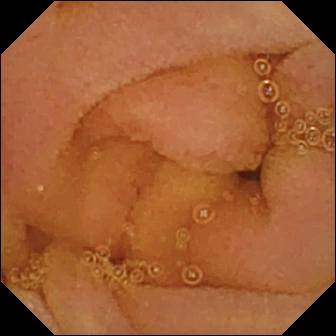Normal clean mucosa — WCE snapshot.